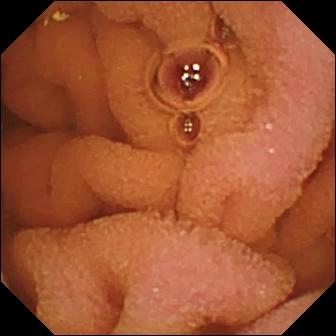VCE image, 336×336. Normal clean mucosa.